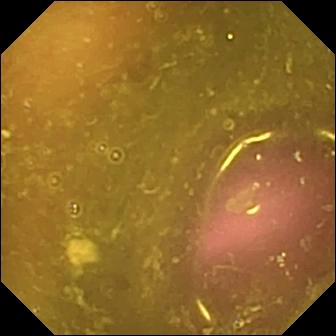Reduced mucosal view (content or bubbles obscuring the mucosa).